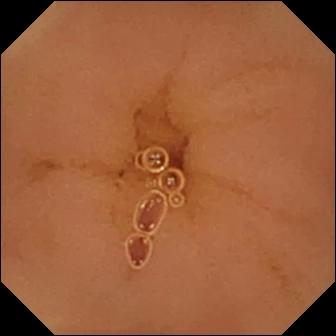Normal clean mucosa — VCE still.